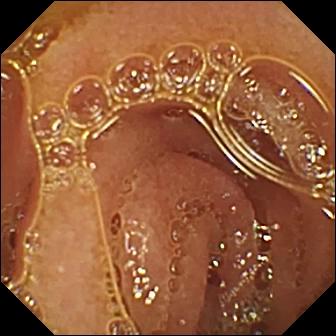Q: What does this wireless capsule endoscopy view show?
A: Normal clean mucosa.